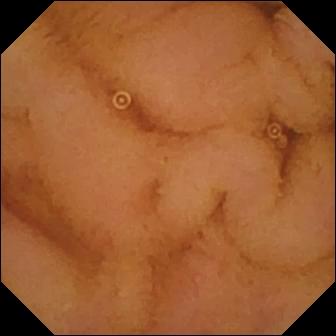Capsule endoscopy. Small intestine. Finding: normal clean mucosa.